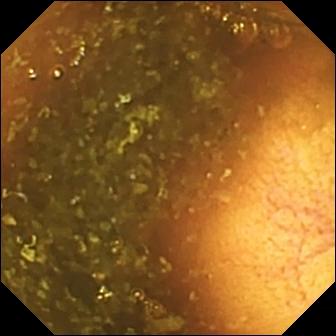VCE. Location: ileo-cecal valve region (where the capsule passes from the small bowel into the large bowel).